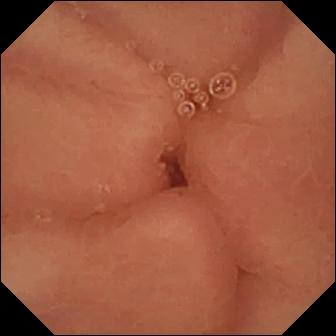Pylorus region.